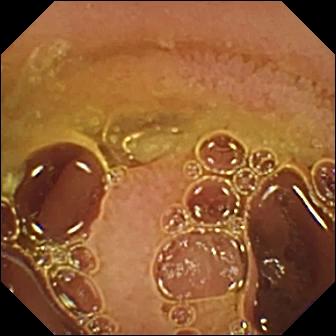VCE snapshot (small intestine). Normal clean mucosa.